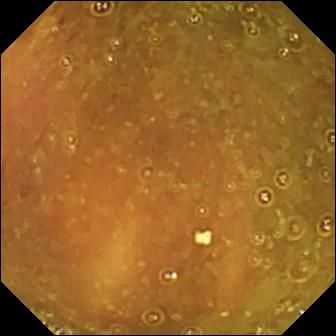{"modality": "VCE", "category": "anatomical landmark", "video_segment": "ileo-cecal valve region (the transition from the small bowel to the large bowel)"}